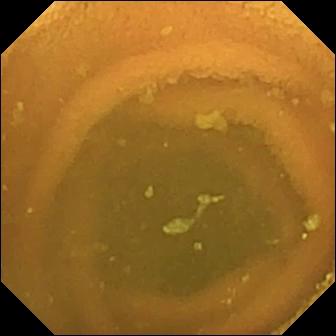Normal clean mucosa — small-bowel capsule endoscopy snapshot.